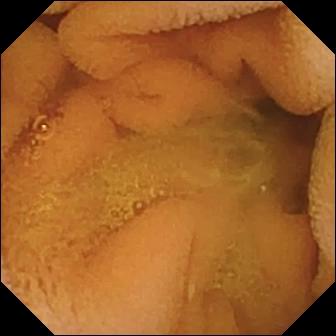Normal clean mucosa — small-bowel capsule endoscopy view.